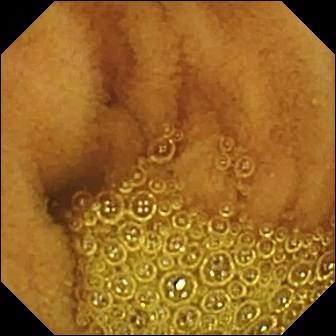{"modality": "video capsule endoscopy", "segment": "small intestine", "finding": "normal clean mucosa"}